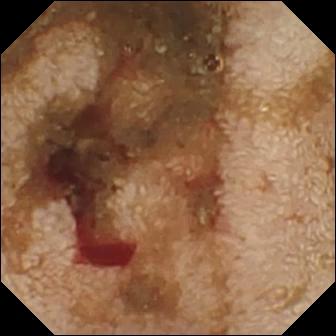VCE snapshot
Finding: fresh blood in the lumen